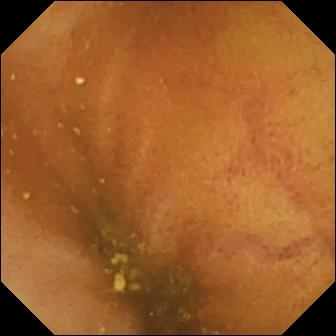modality: capsule endoscopy; category: anatomical landmark; video segment: ileo-cecal valve region (where the capsule passes from the small bowel into the large bowel)